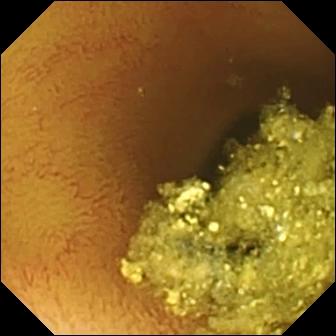Q: What does this wireless capsule endoscopy view of the small bowel show?
A: Normal clean mucosa.